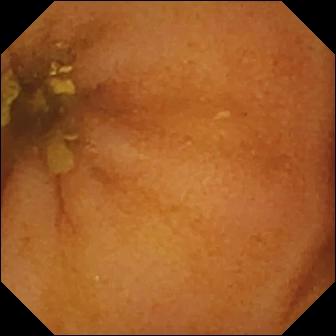Q: What does this small-bowel capsule endoscopy frame of the small intestine show?
A: Normal clean mucosa.